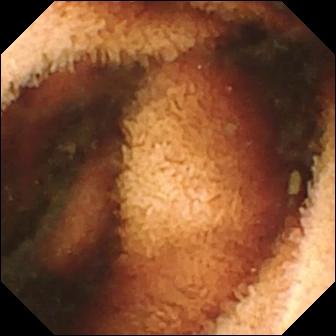Video capsule endoscopy — fresh blood in the lumen.